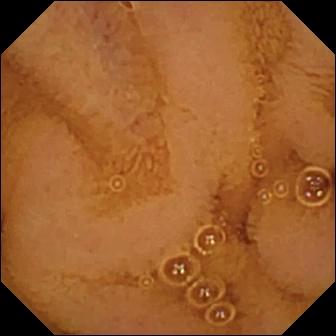VCE still. Normal clean mucosa.